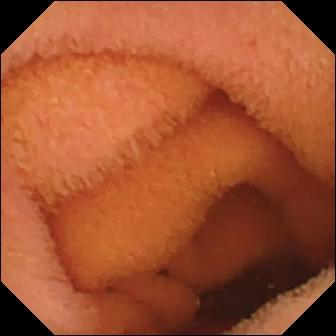Normal clean mucosa — VCE snapshot.